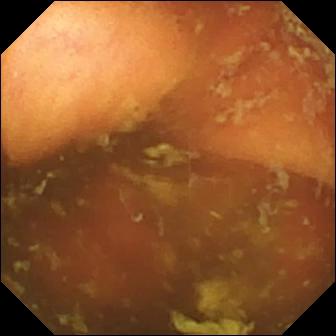{"modality": "wireless capsule endoscopy", "video_segment": "ileo-cecal valve region"}